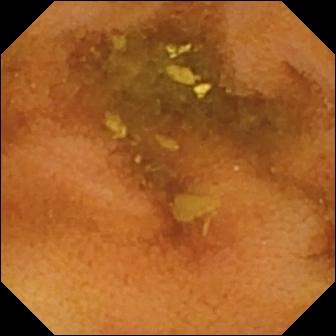Capsule endoscopy — normal clean mucosa.